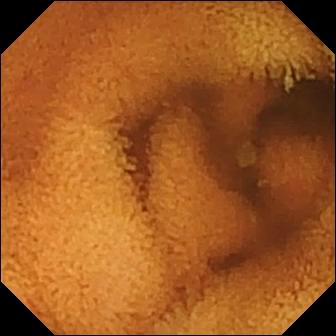Small-bowel capsule endoscopy snapshot, 336×336. Normal clean mucosa.